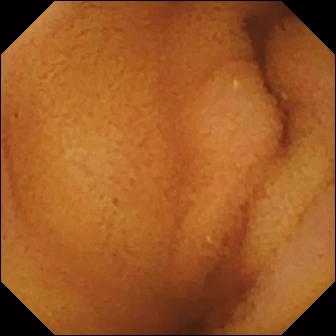modality: capsule endoscopy; segment: small intestine; category: luminal finding; impression: normal clean mucosa